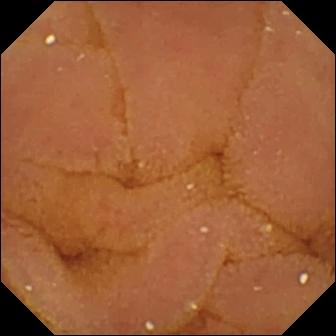- modality: WCE
- segment: small intestine
- label: normal clean mucosa